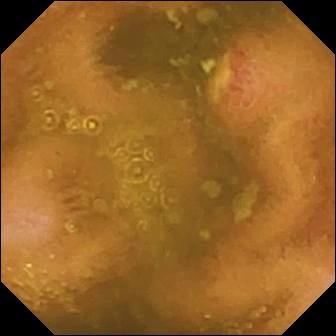PROCEDURE: Capsule endoscopy.
FINDINGS: Ulcer.